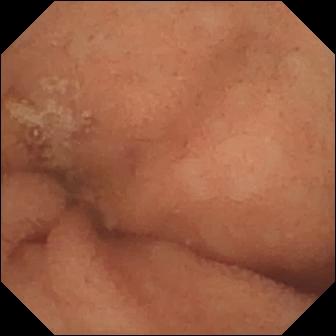This small-bowel capsule endoscopy snapshot shows normal clean mucosa.